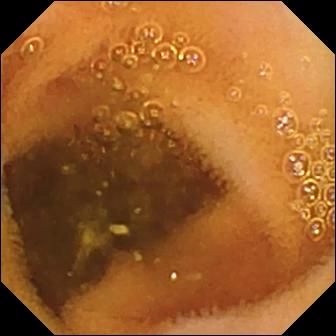- modality: video capsule endoscopy
- segment: small bowel
- label: normal clean mucosa